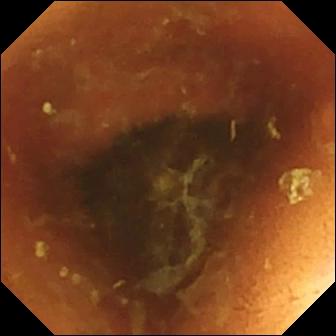Normal clean mucosa.